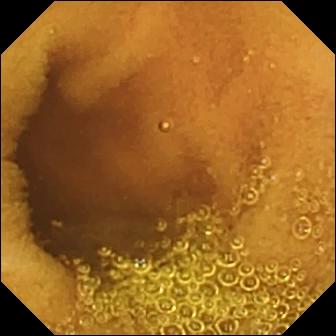Normal clean mucosa (336×336).